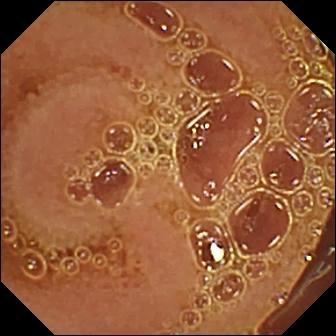- modality: VCE
- impression: normal clean mucosa